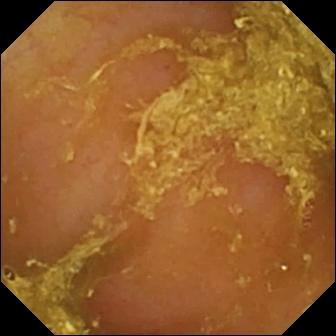Reduced mucosal view (content or bubbles obscuring the mucosa).